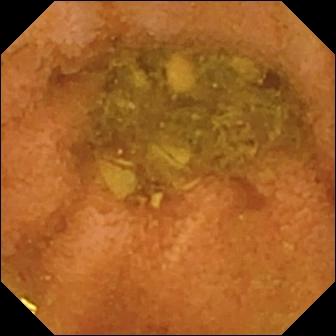Normal clean mucosa.